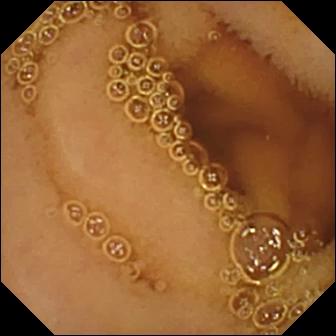PROCEDURE: Small-bowel capsule endoscopy.
FINDINGS: Normal clean mucosa.